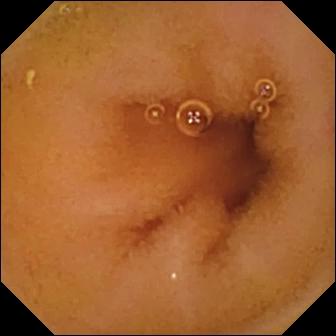- modality: wireless capsule endoscopy
- segment: small bowel
- finding: normal clean mucosa